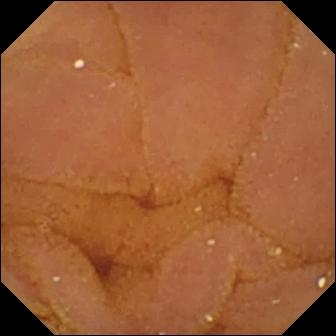Normal clean mucosa.